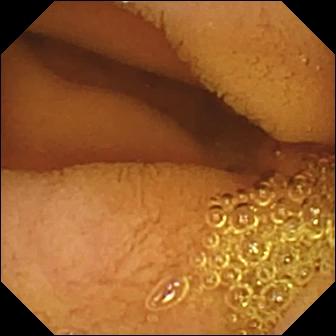Video capsule endoscopy. Impression: normal clean mucosa.